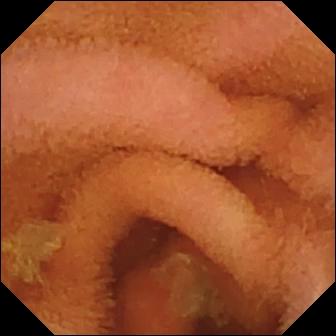Wireless capsule endoscopy frame
Label: normal clean mucosa